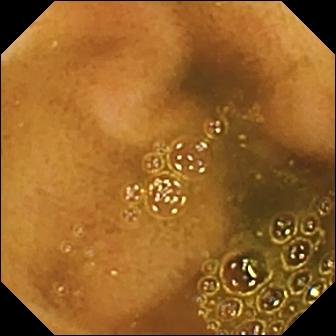modality: VCE; label: ileo-cecal valve region (where the capsule passes from the small bowel into the large bowel)